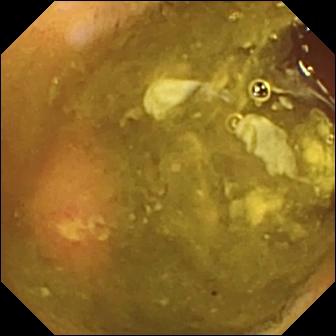Q: What does this small-bowel capsule endoscopy still show?
A: Ulcer.